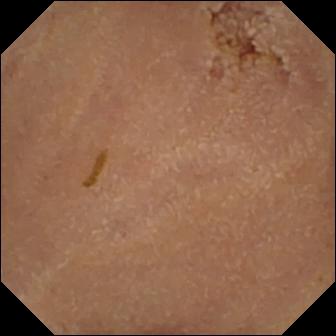Small-bowel capsule endoscopy snapshot showing normal clean mucosa.